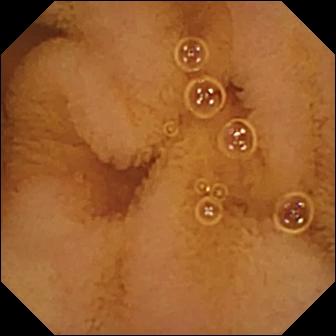Capsule endoscopy — normal clean mucosa.